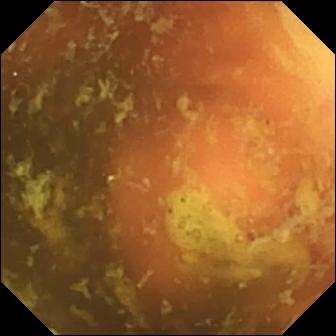PROCEDURE: WCE.
LOCATION: Ileo-cecal valve region (where the capsule passes from the small bowel into the large bowel).